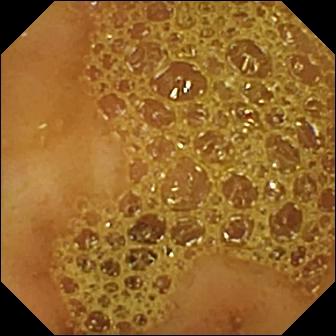Q: Where in the digestive tract was this wireless capsule endoscopy image taken?
A: Ileo-cecal valve region (the transition from the small bowel to the large bowel).